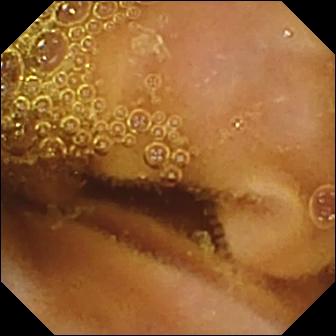Small-bowel capsule endoscopy. Luminal finding. Label: normal clean mucosa.